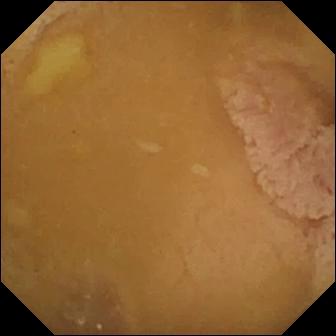Ileo-cecal valve region (the transition from the small bowel to the large bowel).